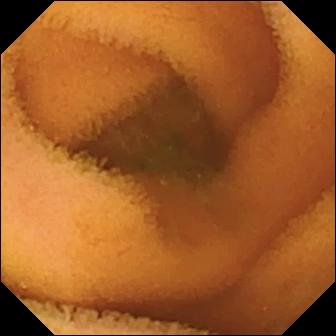modality: video capsule endoscopy; finding: normal clean mucosa